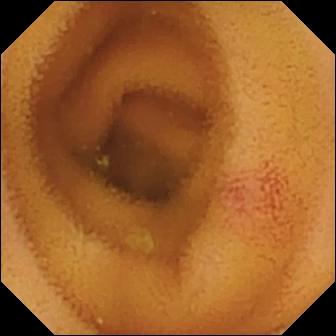{"modality": "VCE", "finding": "angiectasia"}